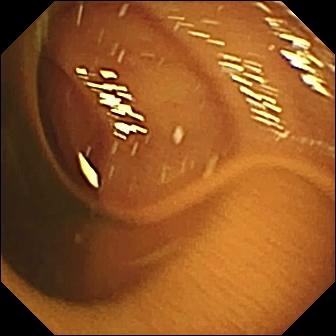Normal clean mucosa.